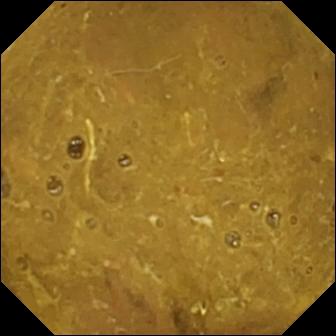Wireless capsule endoscopy. Video segment: ileo-cecal valve region (where the capsule passes from the small bowel into the large bowel).